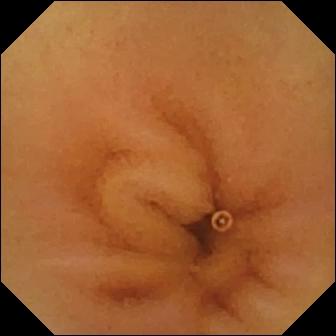{"modality": "capsule endoscopy", "category": "luminal finding", "finding": "normal clean mucosa"}